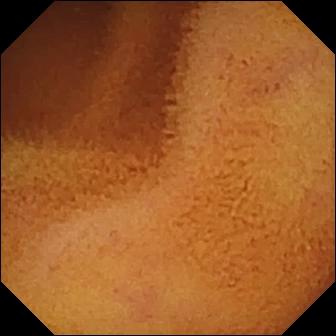This WCE snapshot of the small intestine shows normal clean mucosa.